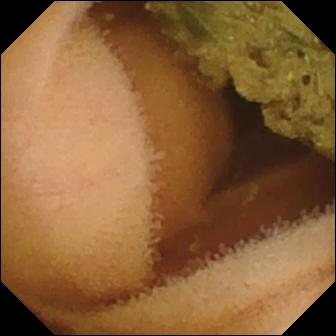Normal clean mucosa — wireless capsule endoscopy snapshot.